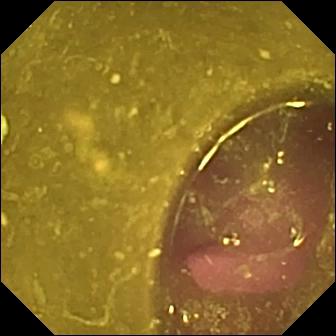Capsule endoscopy. Small bowel. Luminal finding. Label: reduced mucosal view (content or bubbles obscuring the mucosa).